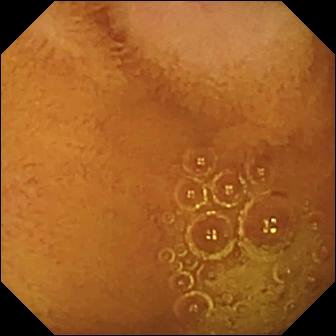VCE — normal clean mucosa.